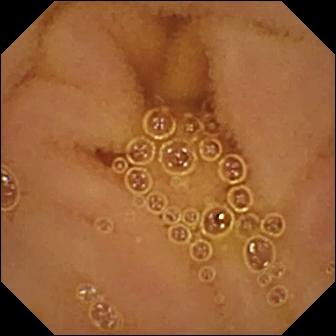Normal clean mucosa.